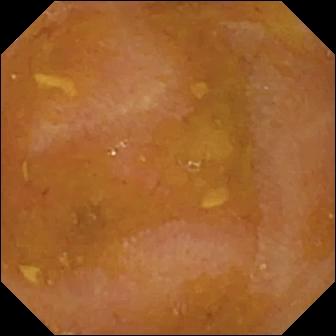Reduced mucosal view (content or bubbles obscuring the mucosa) — video capsule endoscopy image.